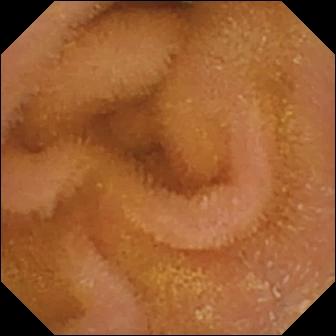{"modality": "capsule endoscopy", "segment": "small intestine", "finding": "normal clean mucosa"}